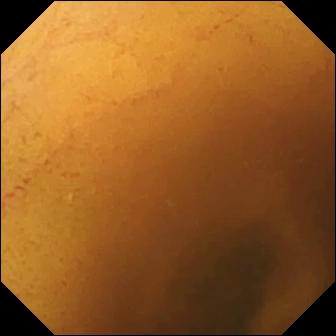PROCEDURE: VCE.
SEGMENT: Small intestine.
FINDINGS: Normal clean mucosa.